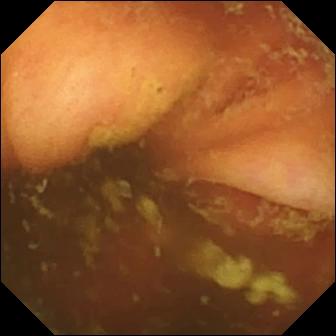Wireless capsule endoscopy snapshot taken in the ileo-cecal valve region.